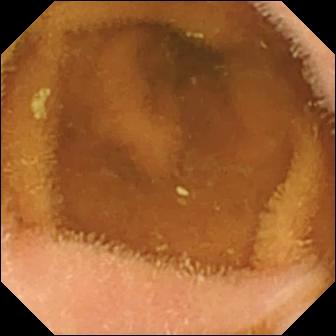- modality: capsule endoscopy
- segment: small intestine
- label: normal clean mucosa